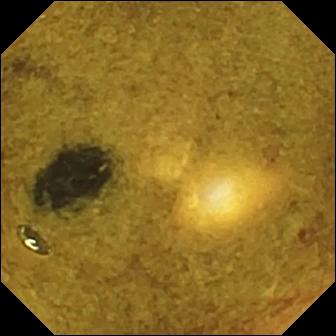Video capsule endoscopy frame taken in the ileo-cecal valve region (the transition from the small bowel to the large bowel).